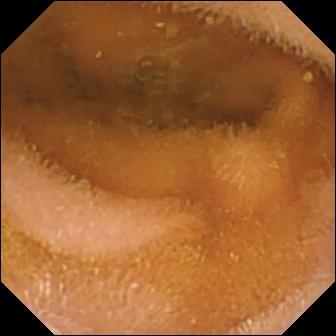Small-bowel capsule endoscopy still
Observation: normal clean mucosa